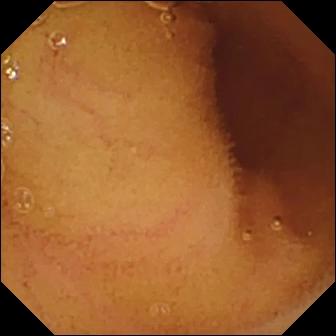Small-bowel capsule endoscopy view
Label: normal clean mucosa